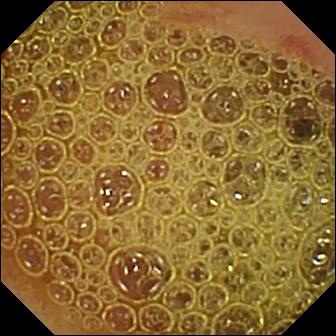Erosion (336×336).